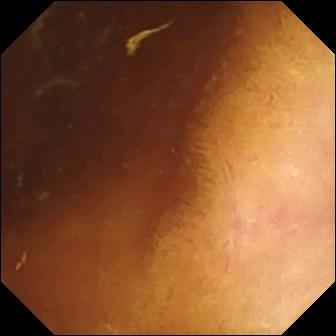Video capsule endoscopy still of the small bowel showing normal clean mucosa.